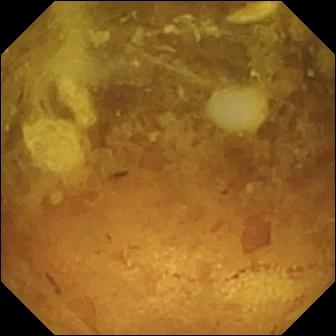Q: What does this capsule endoscopy frame of the small intestine show?
A: Reduced mucosal view (content or bubbles obscuring the mucosa).